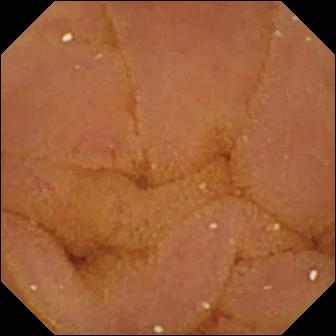PROCEDURE: Video capsule endoscopy.
SEGMENT: Small bowel.
FINDINGS: Normal clean mucosa.